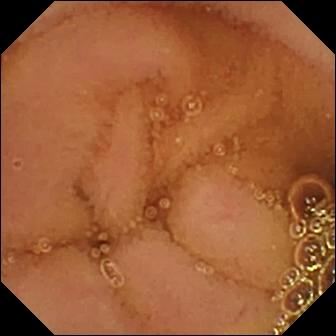Q: What does this WCE still show?
A: Normal clean mucosa.